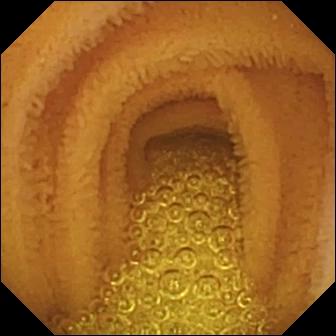- modality: WCE
- category: luminal finding
- label: normal clean mucosa